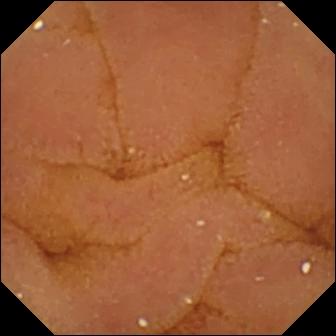PROCEDURE: Video capsule endoscopy.
SEGMENT: Small bowel.
FINDINGS: Normal clean mucosa.